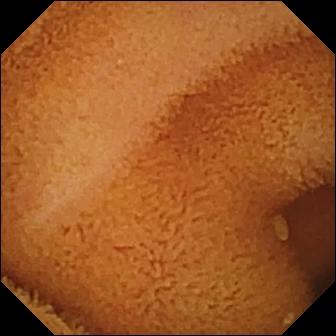WCE. Finding: normal clean mucosa.